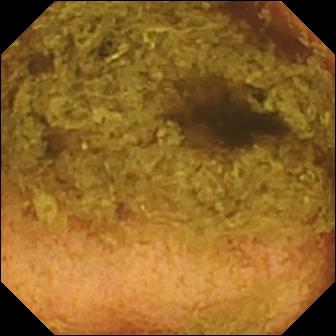Small-bowel capsule endoscopy snapshot
Impression: normal clean mucosa